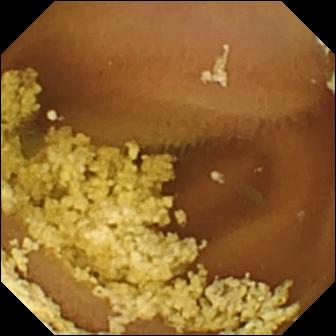This VCE still shows normal clean mucosa.